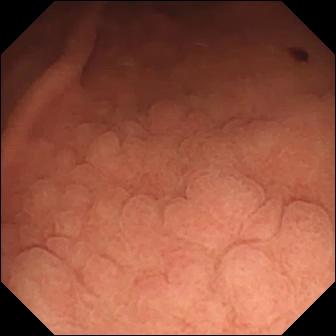Video capsule endoscopy. Impression: angiectasia.